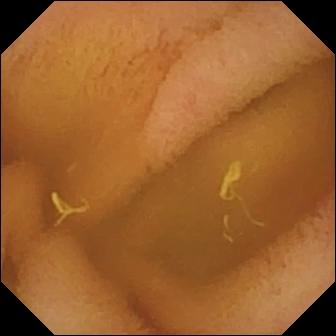Normal clean mucosa (336×336).